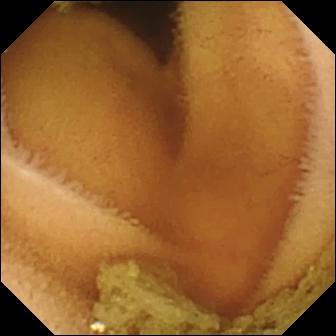PROCEDURE: Wireless capsule endoscopy.
SEGMENT: Small bowel.
FINDINGS: Normal clean mucosa.